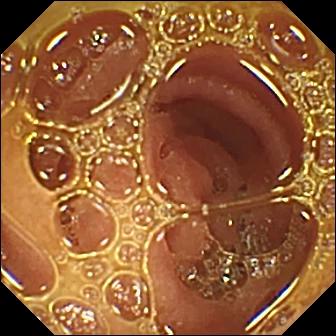Small-bowel capsule endoscopy still of the small bowel showing normal clean mucosa.